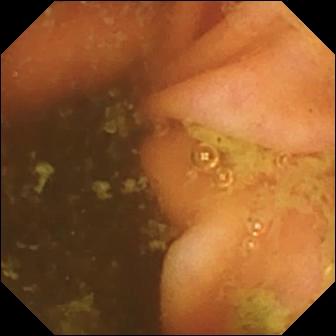Ileo-cecal valve region.